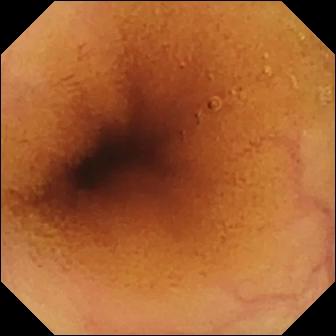Video capsule endoscopy snapshot of the small intestine showing normal clean mucosa.